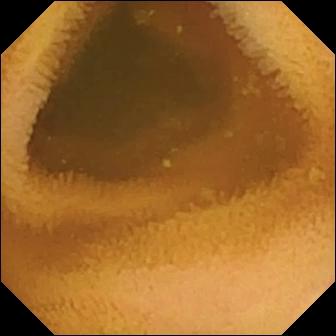Normal clean mucosa.